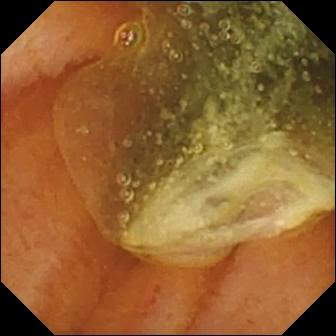modality: VCE
finding: normal clean mucosa